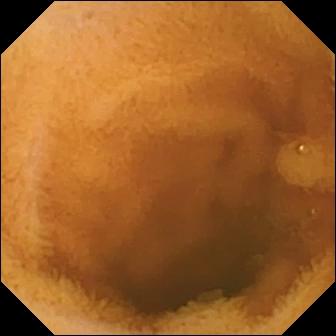WCE frame (small bowel), 336×336. Normal clean mucosa.